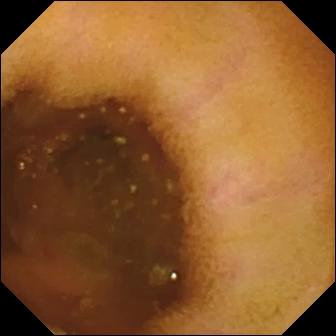WCE — normal clean mucosa.